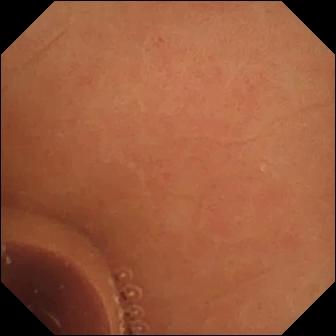This video capsule endoscopy view shows normal clean mucosa.